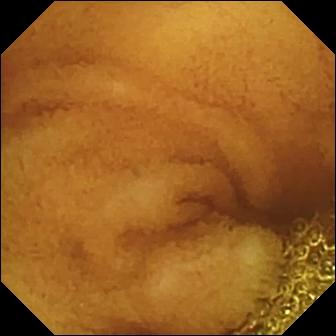Video capsule endoscopy frame
Observation: normal clean mucosa